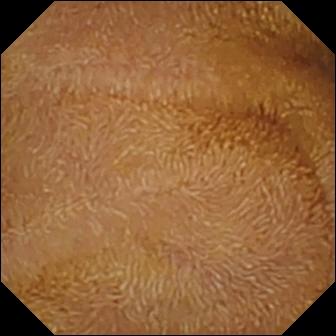{"modality": "video capsule endoscopy", "segment": "small bowel", "category": "luminal finding", "finding": "normal clean mucosa"}